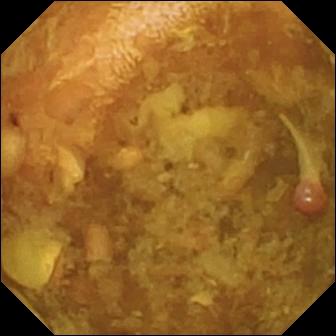PROCEDURE: WCE.
SEGMENT: Small bowel.
FINDINGS: Reduced mucosal view (content or bubbles obscuring the mucosa).